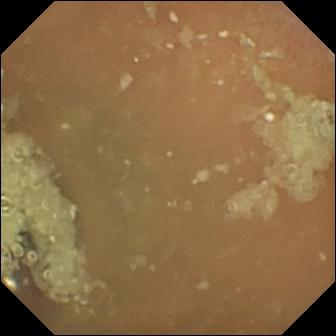- modality: WCE
- category: luminal finding
- label: normal clean mucosa